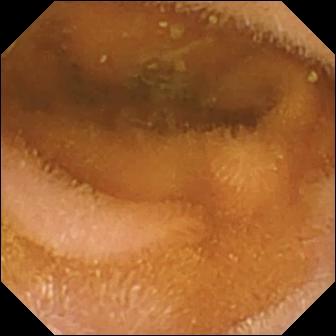Normal clean mucosa — VCE still.